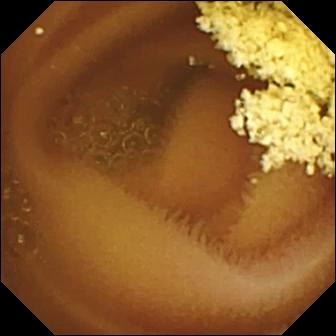VCE view, 336×336. Normal clean mucosa.